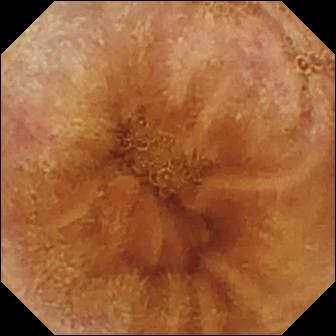{"modality": "video capsule endoscopy", "category": "luminal finding", "finding": "normal clean mucosa"}